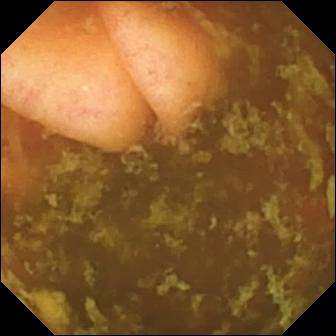modality: video capsule endoscopy; label: ileo-cecal valve region (the transition from the small bowel to the large bowel)